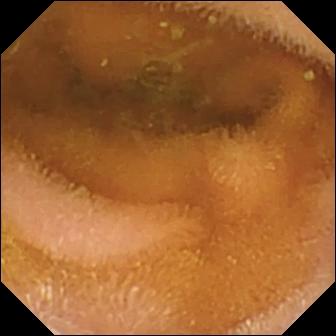PROCEDURE: Capsule endoscopy.
SEGMENT: Small intestine.
FINDINGS: Normal clean mucosa.